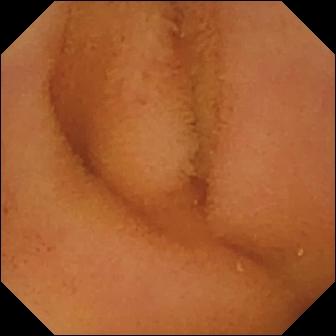Normal clean mucosa — video capsule endoscopy frame of the small bowel.